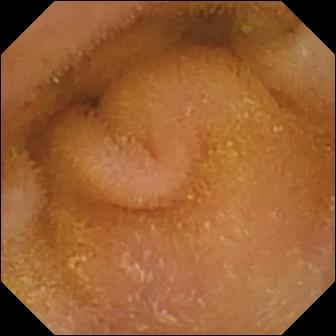VCE view, small intestine
Observation: normal clean mucosa